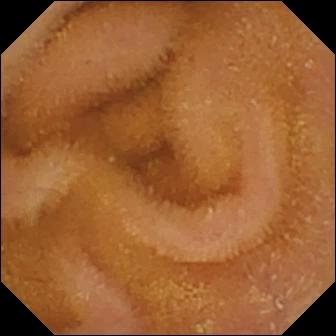VCE — normal clean mucosa.